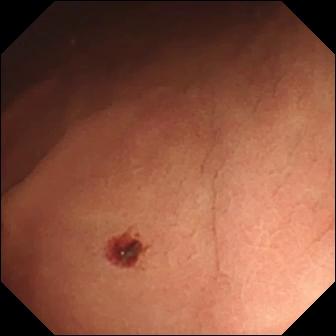VCE. Impression: angiectasia.